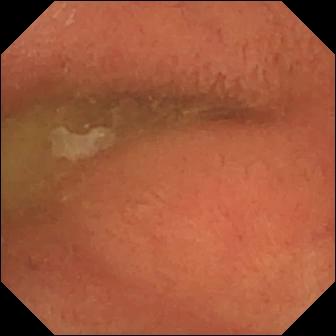{"modality": "wireless capsule endoscopy", "category": "anatomical landmark", "position": "pylorus region (where the capsule passes from the stomach into the small bowel)"}